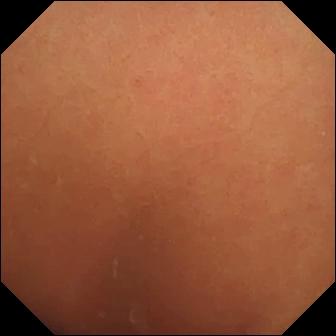modality: capsule endoscopy; category: luminal finding; observation: normal clean mucosa